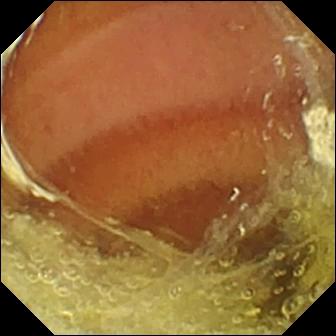modality: video capsule endoscopy
finding: normal clean mucosa